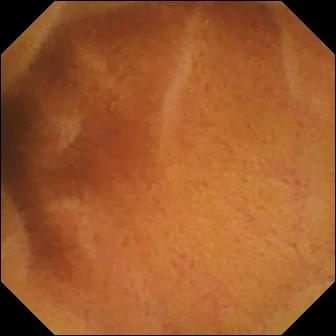Normal clean mucosa (336×336).